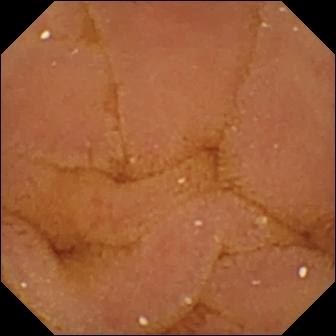Capsule endoscopy view. Normal clean mucosa.